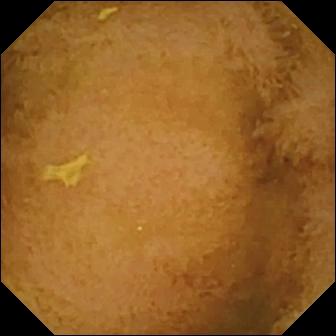Capsule endoscopy — normal clean mucosa.